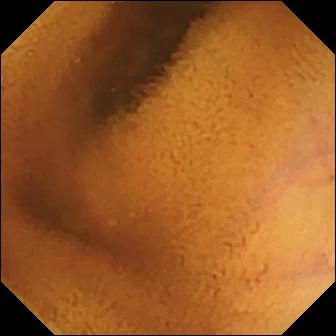This WCE still shows normal clean mucosa.